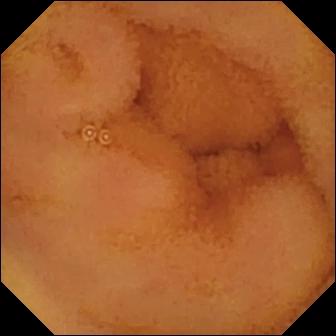{"modality": "VCE", "segment": "small bowel", "category": "luminal finding", "finding": "normal clean mucosa"}